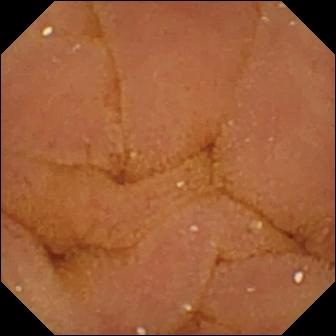- modality: capsule endoscopy
- impression: normal clean mucosa